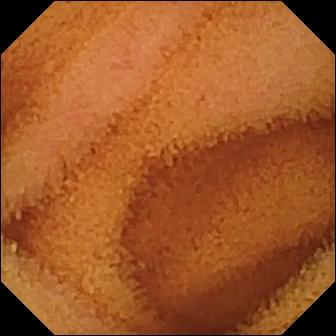Normal clean mucosa — VCE view.